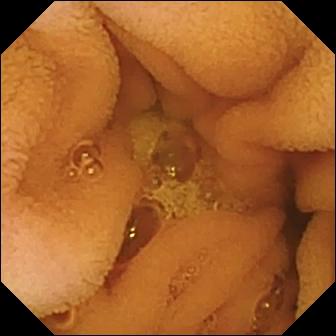Small-bowel capsule endoscopy frame (small intestine). Normal clean mucosa.